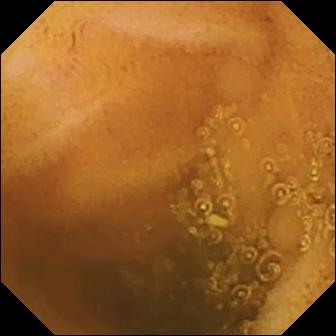Small-bowel capsule endoscopy. Luminal finding. Label: normal clean mucosa.